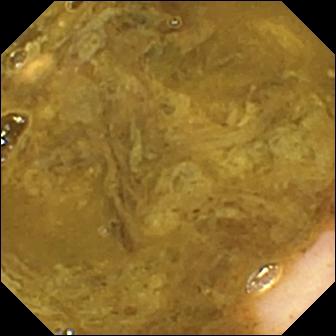Video capsule endoscopy still
Video segment: ileo-cecal valve region (where the capsule passes from the small bowel into the large bowel)